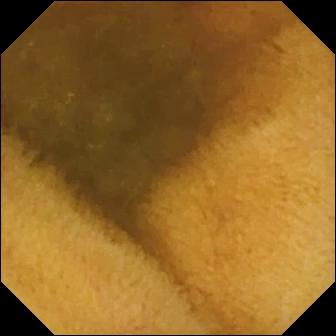Video capsule endoscopy frame
Observation: normal clean mucosa